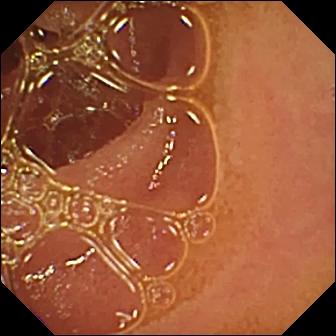Q: What does this WCE image of the small bowel show?
A: Normal clean mucosa.